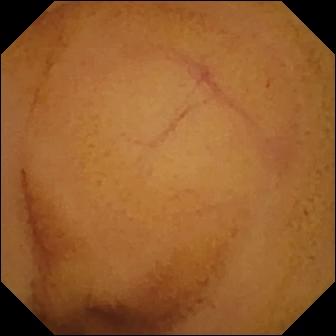Normal clean mucosa — VCE view of the small intestine.